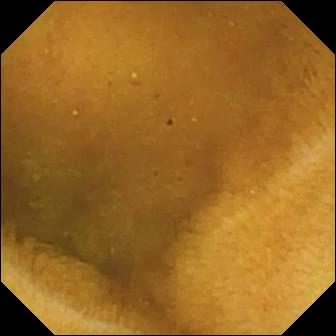WCE snapshot. Normal clean mucosa.